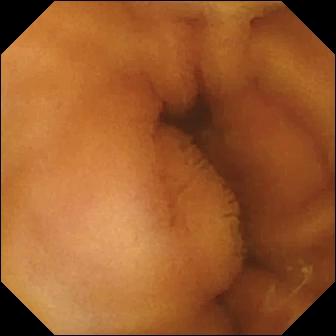{"modality": "wireless capsule endoscopy", "category": "luminal finding", "finding": "normal clean mucosa"}